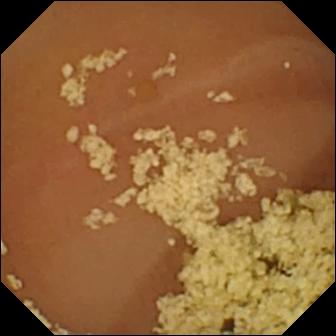Capsule endoscopy view, small bowel
Impression: normal clean mucosa